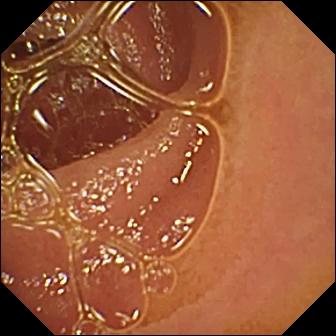Capsule endoscopy image. Normal clean mucosa.